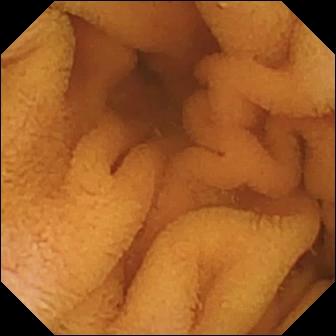{"modality": "VCE", "category": "luminal finding", "finding": "normal clean mucosa"}